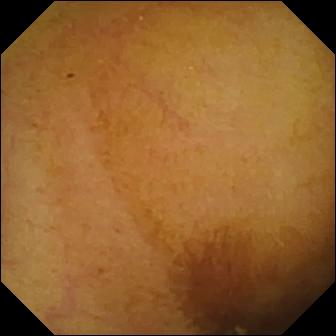Normal clean mucosa — small-bowel capsule endoscopy image.